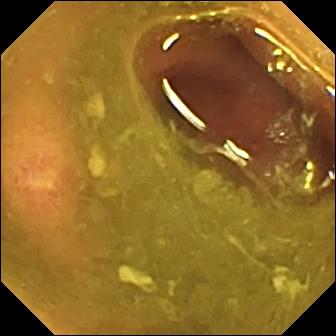Video capsule endoscopy — ulcer.